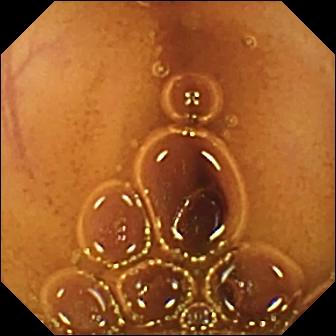VCE still
Observation: normal clean mucosa